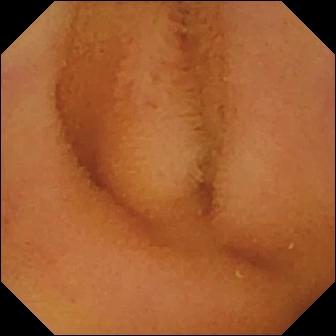Wireless capsule endoscopy view, small intestine
Finding: normal clean mucosa